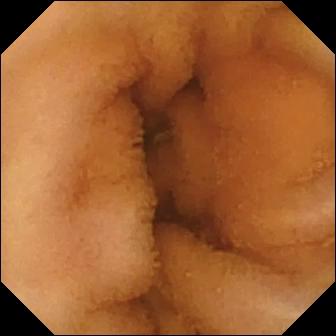Small-bowel capsule endoscopy view of the small intestine showing normal clean mucosa.